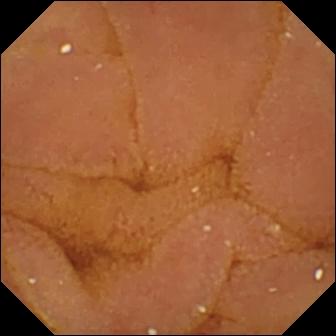modality: video capsule endoscopy
segment: small intestine
category: luminal finding
label: normal clean mucosa